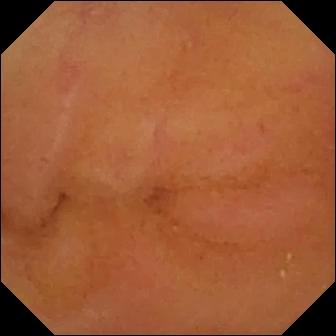Normal clean mucosa.